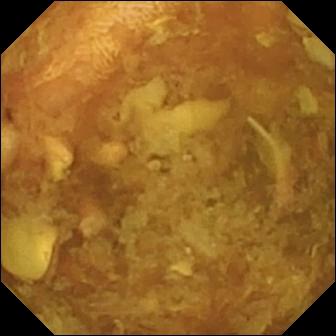PROCEDURE: Capsule endoscopy.
SEGMENT: Small intestine.
FINDINGS: Reduced mucosal view (content or bubbles obscuring the mucosa).